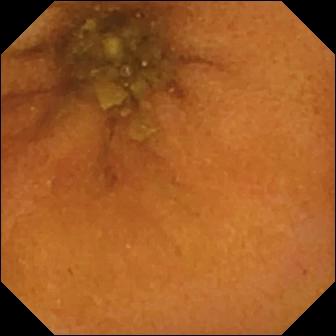WCE snapshot
Impression: normal clean mucosa